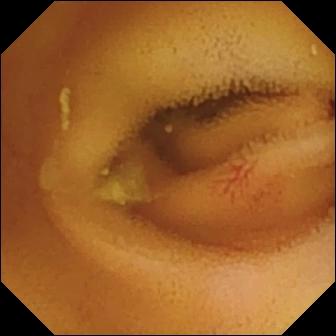PROCEDURE: VCE.
FINDINGS: Angiectasia.